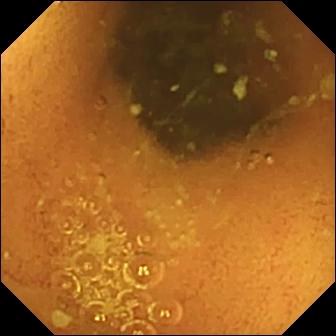PROCEDURE: Capsule endoscopy.
FINDINGS: Normal clean mucosa.